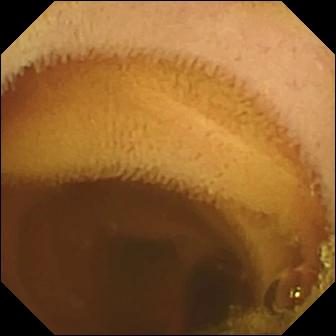- modality: small-bowel capsule endoscopy
- impression: normal clean mucosa